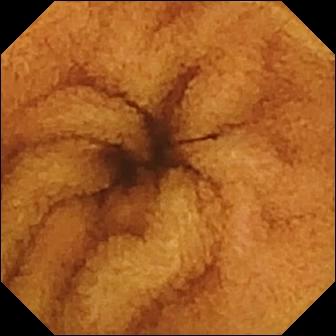- modality: WCE
- segment: small intestine
- category: luminal finding
- observation: normal clean mucosa